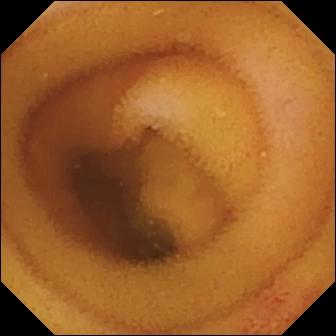Angiectasia.